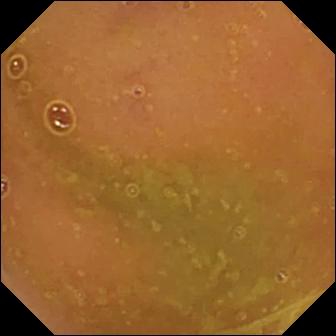Normal clean mucosa — wireless capsule endoscopy image.